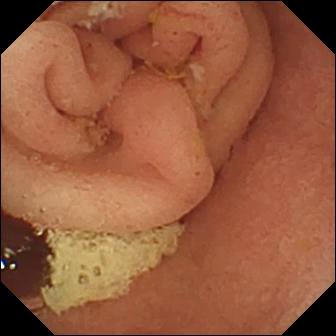WCE frame
Video segment: pylorus region (the junction between the stomach and the small bowel)